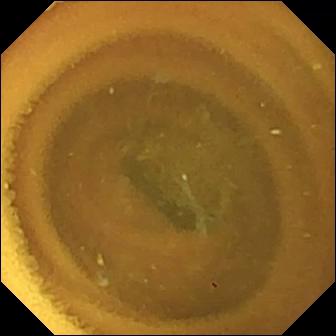VCE snapshot showing normal clean mucosa.